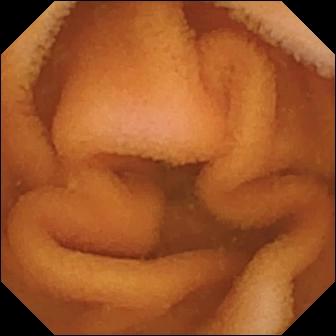PROCEDURE: Wireless capsule endoscopy.
FINDINGS: Normal clean mucosa.